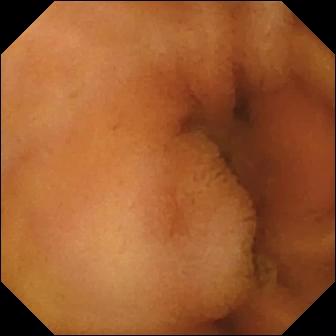Wireless capsule endoscopy. Small intestine. Finding: normal clean mucosa.